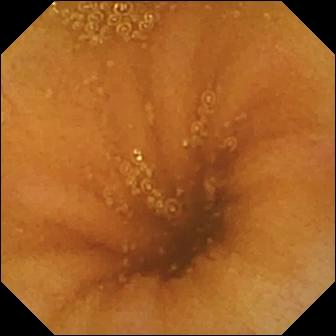Normal clean mucosa.